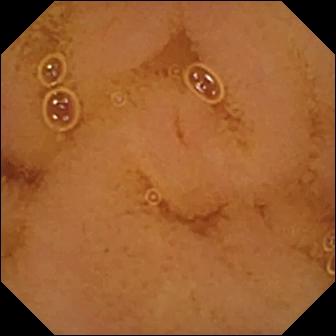Q: What does this video capsule endoscopy snapshot show?
A: Normal clean mucosa.